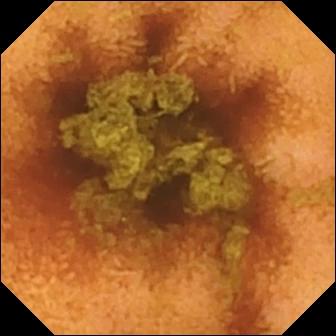Wireless capsule endoscopy — normal clean mucosa.